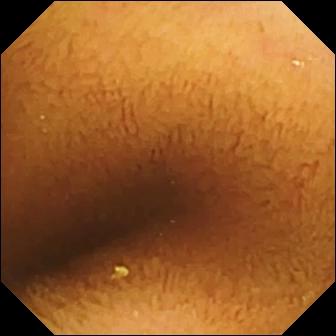- modality: VCE
- label: normal clean mucosa